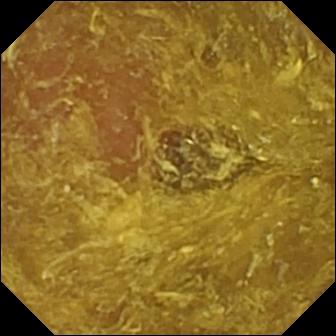Reduced mucosal view (content or bubbles obscuring the mucosa) — capsule endoscopy image.